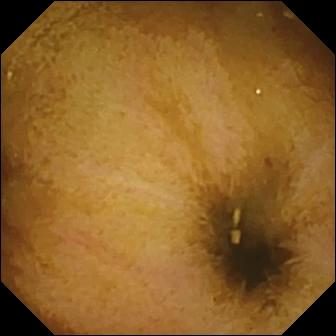This video capsule endoscopy image of the small bowel shows normal clean mucosa.